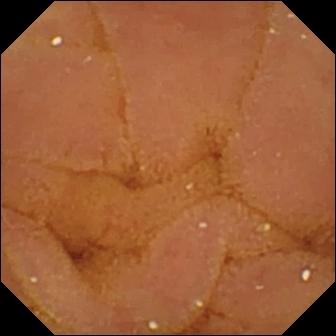Wireless capsule endoscopy snapshot showing normal clean mucosa.